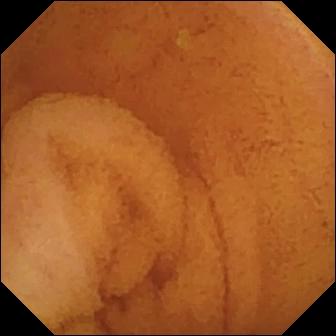This video capsule endoscopy frame shows normal clean mucosa.